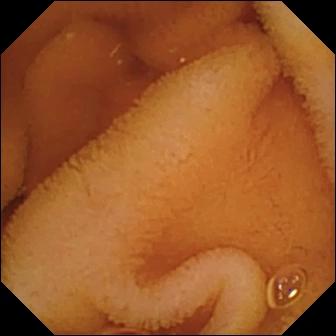- modality: capsule endoscopy
- segment: small intestine
- finding: normal clean mucosa